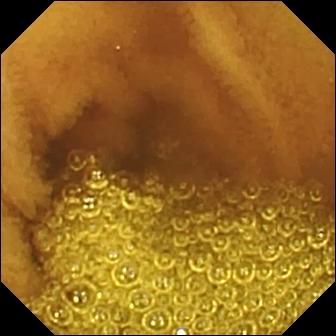modality: capsule endoscopy; segment: small bowel; impression: normal clean mucosa